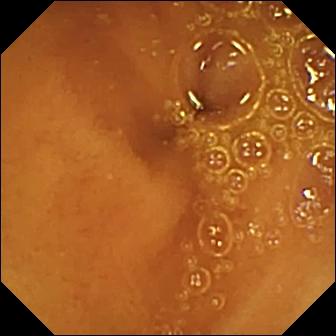{"modality": "small-bowel capsule endoscopy", "segment": "small bowel", "finding": "normal clean mucosa"}